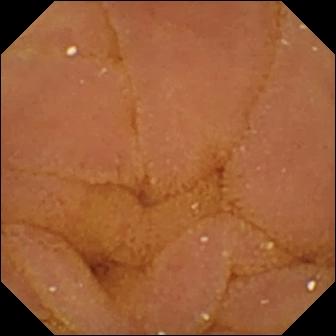Capsule endoscopy view showing normal clean mucosa.